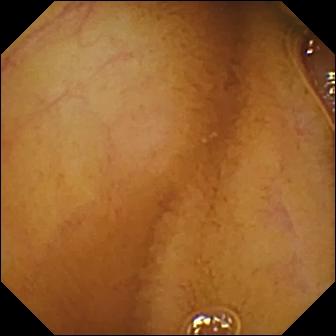Small-bowel capsule endoscopy still
Label: normal clean mucosa